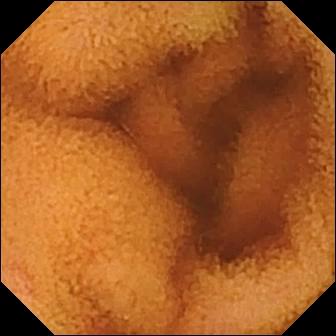WCE frame of the small intestine showing normal clean mucosa.